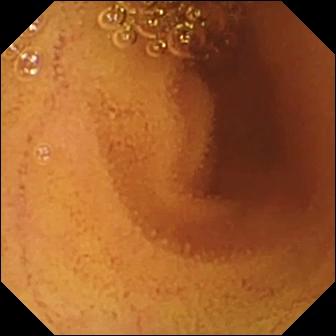Normal clean mucosa.